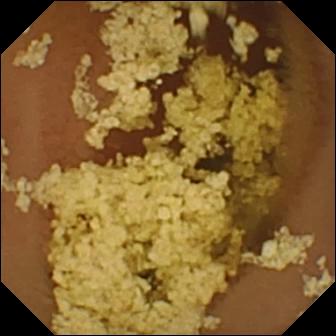Q: What does this VCE snapshot of the small bowel show?
A: Normal clean mucosa.